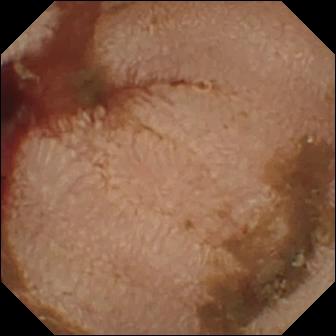Wireless capsule endoscopy view, 336×336. Fresh blood in the lumen.